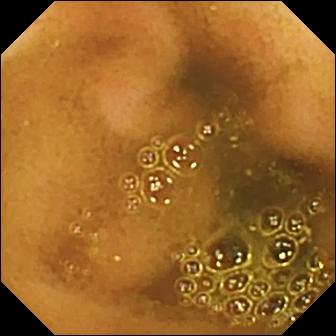modality: wireless capsule endoscopy
video segment: ileo-cecal valve region